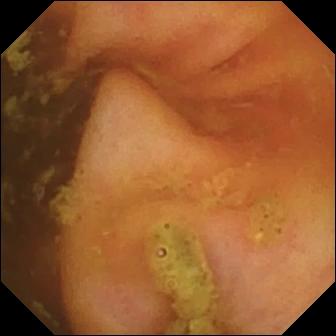Wireless capsule endoscopy — ileo-cecal valve region (the transition from the small bowel to the large bowel).